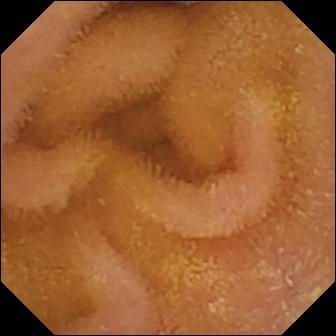modality: VCE
segment: small bowel
observation: normal clean mucosa